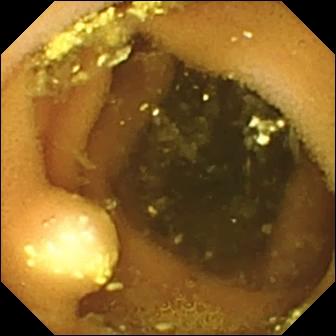Wireless capsule endoscopy frame showing lymphangiectasia.